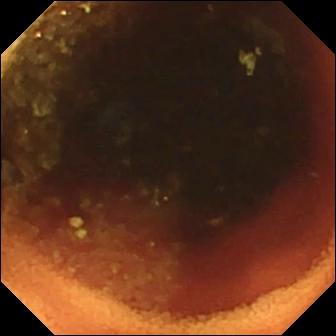{"modality": "VCE", "location": "ileo-cecal valve region (the transition from the small bowel to the large bowel)"}